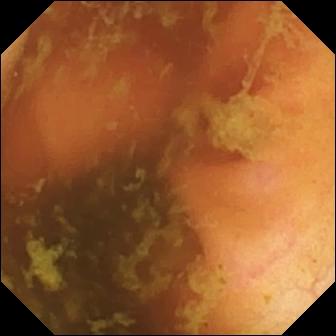Small-bowel capsule endoscopy snapshot. Taken in the ileo-cecal valve region (the transition from the small bowel to the large bowel).